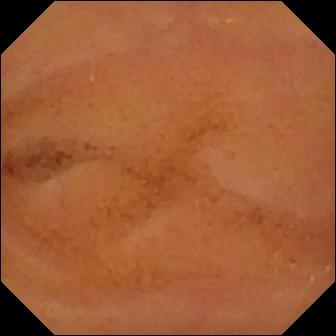Normal clean mucosa.